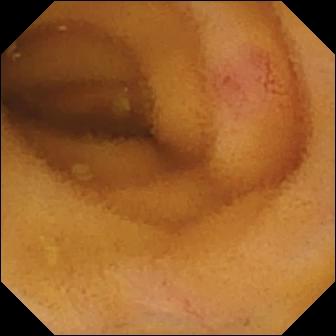WCE — angiectasia.